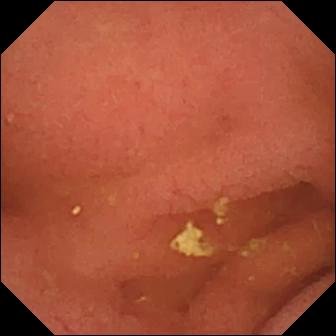WCE — pylorus region (the junction between the stomach and the small bowel).